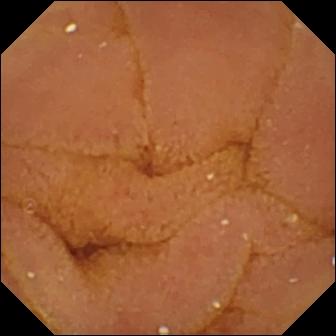modality: small-bowel capsule endoscopy | segment: small intestine | finding: normal clean mucosa